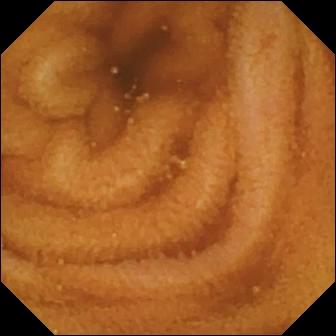Capsule endoscopy — normal clean mucosa.